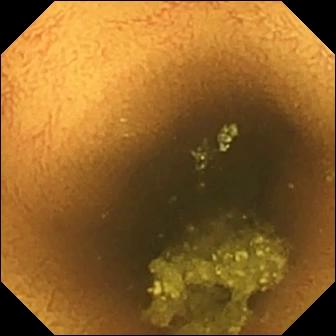modality: WCE; finding: normal clean mucosa